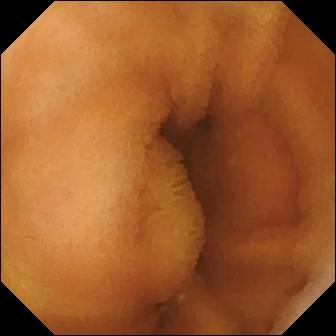{"modality": "video capsule endoscopy", "segment": "small intestine", "category": "luminal finding", "finding": "normal clean mucosa"}